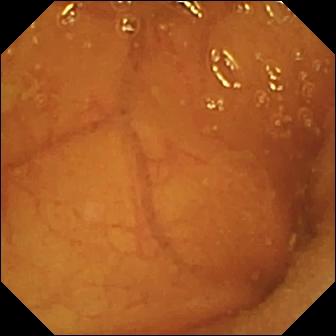Ileo-cecal valve region (the transition from the small bowel to the large bowel) — WCE still.